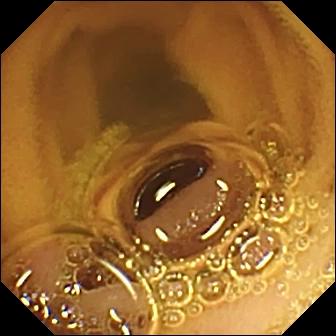This capsule endoscopy snapshot shows normal clean mucosa.